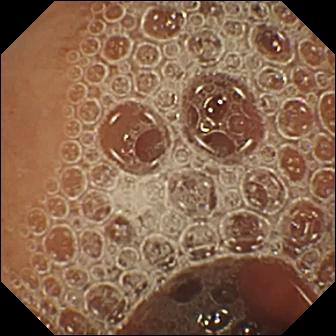- modality: WCE
- impression: normal clean mucosa